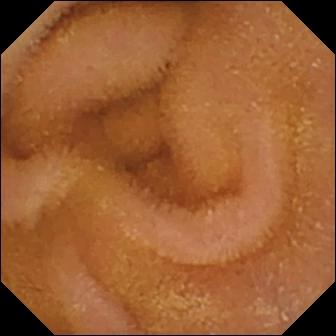Q: What does this capsule endoscopy still show?
A: Normal clean mucosa.